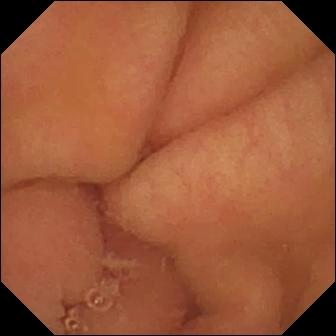VCE frame. Taken in the pylorus region.